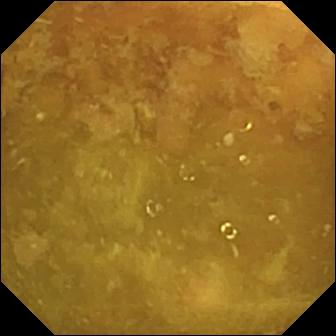Capsule endoscopy frame, small intestine
Impression: reduced mucosal view (content or bubbles obscuring the mucosa)